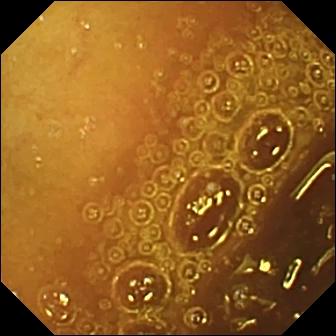modality: small-bowel capsule endoscopy
category: luminal finding
label: normal clean mucosa